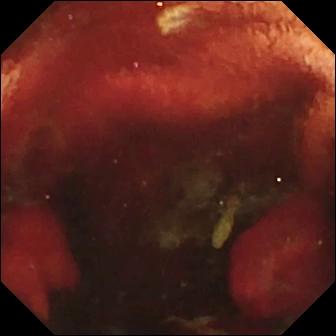VCE still. Fresh blood in the lumen.